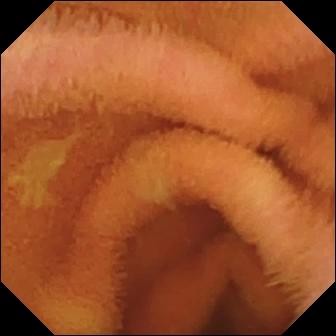This capsule endoscopy image shows normal clean mucosa.